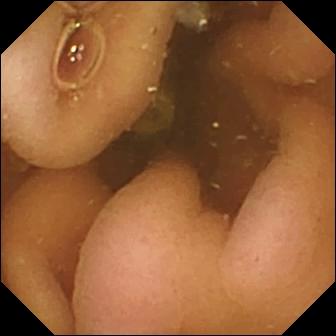WCE image, 336×336. Taken in the pylorus region (where the capsule passes from the stomach into the small bowel).